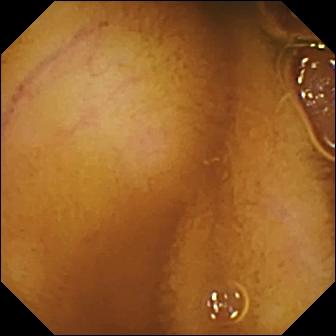VCE view (small bowel). Normal clean mucosa.